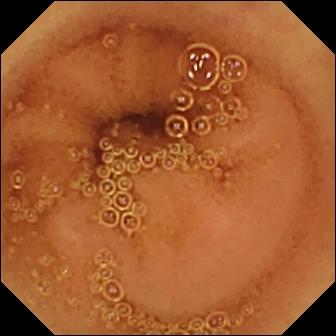PROCEDURE: VCE.
FINDINGS: Normal clean mucosa.